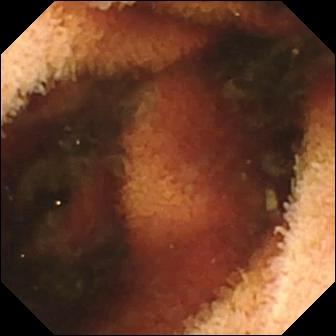Fresh blood in the lumen.